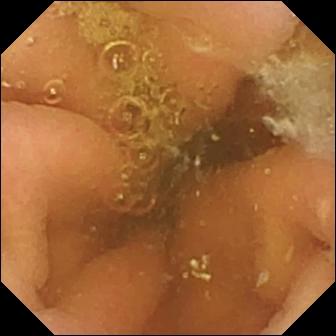Wireless capsule endoscopy. Label: pylorus region (the junction between the stomach and the small bowel).